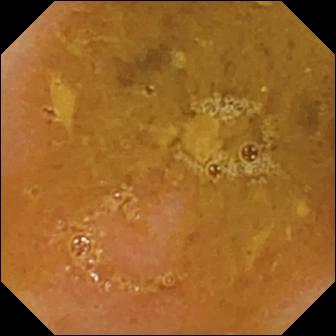Wireless capsule endoscopy — reduced mucosal view (content or bubbles obscuring the mucosa).